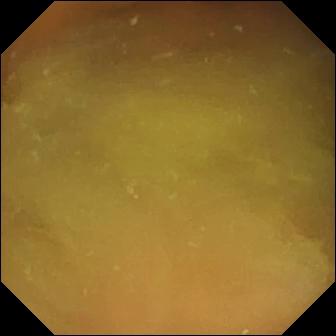Normal clean mucosa — small-bowel capsule endoscopy image.